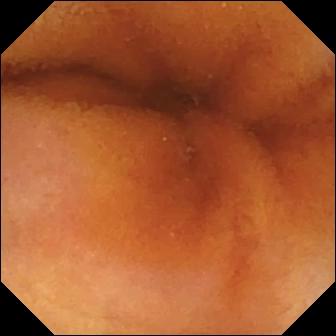{"modality": "WCE", "category": "luminal finding", "finding": "normal clean mucosa"}